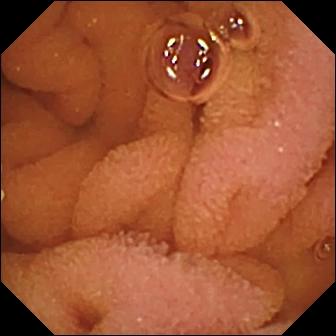Normal clean mucosa.